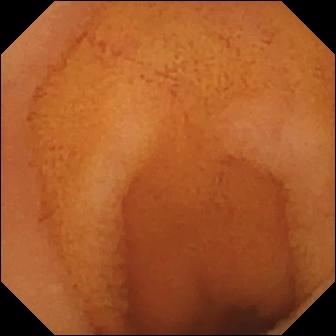Q: What does this small-bowel capsule endoscopy still of the small intestine show?
A: Normal clean mucosa.